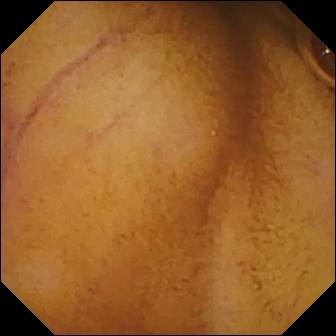Normal clean mucosa — video capsule endoscopy frame.